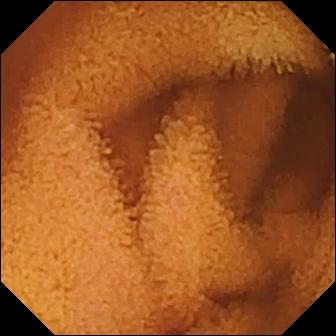Video capsule endoscopy — normal clean mucosa.